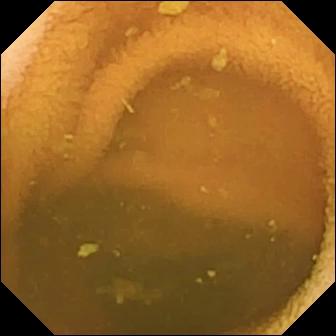PROCEDURE: Small-bowel capsule endoscopy.
FINDINGS: Normal clean mucosa.